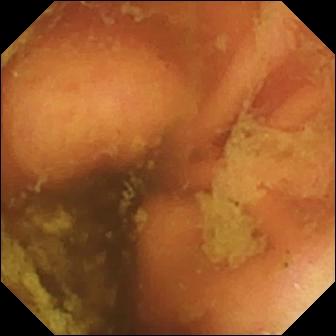{"modality": "capsule endoscopy", "location": "ileo-cecal valve region (the transition from the small bowel to the large bowel)"}